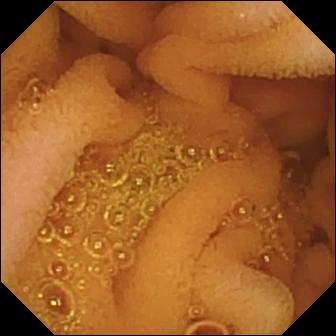VCE still. Normal clean mucosa.